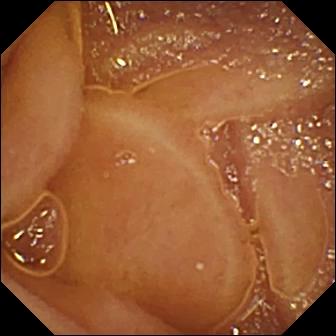modality: capsule endoscopy; impression: normal clean mucosa